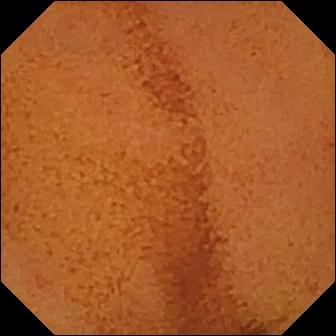Wireless capsule endoscopy — normal clean mucosa.